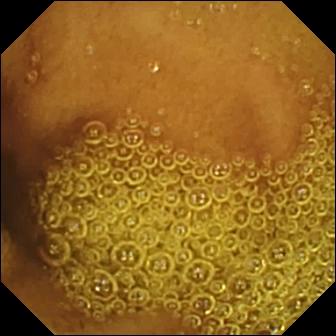This VCE snapshot of the small intestine shows normal clean mucosa.